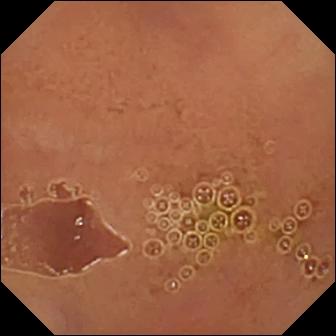Video capsule endoscopy view, small bowel
Impression: normal clean mucosa